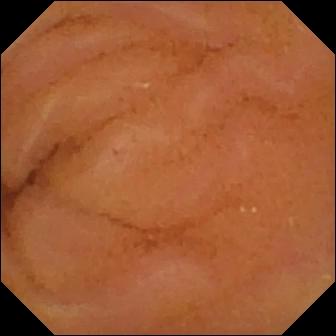VCE image (small intestine), 336×336. Normal clean mucosa.